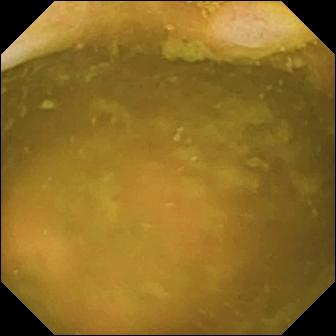This video capsule endoscopy image was taken in the ileo-cecal valve region.